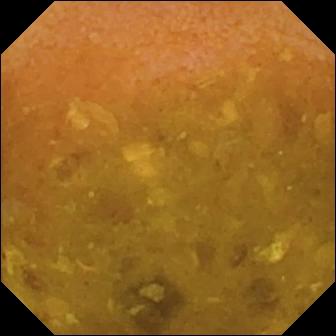modality: WCE
observation: reduced mucosal view (content or bubbles obscuring the mucosa)